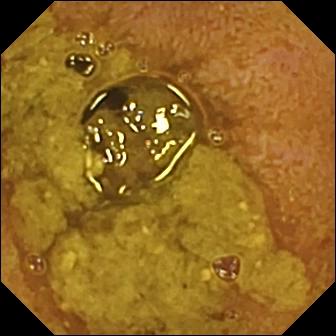Capsule endoscopy frame
Video segment: ileo-cecal valve region (the transition from the small bowel to the large bowel)